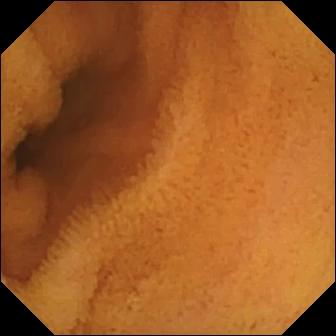Normal clean mucosa — capsule endoscopy frame.